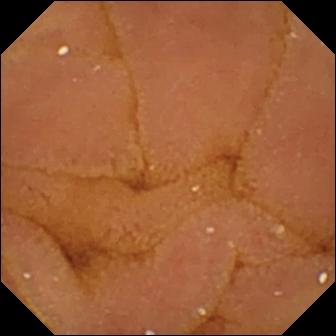VCE. Label: normal clean mucosa.